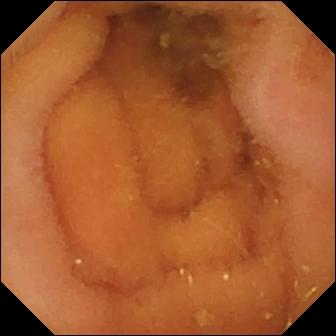Small-bowel capsule endoscopy — normal clean mucosa.